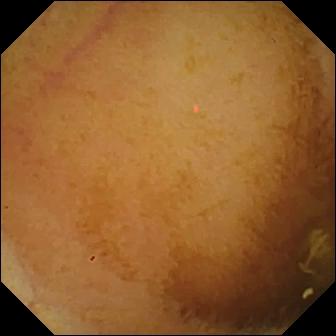WCE view showing normal clean mucosa.